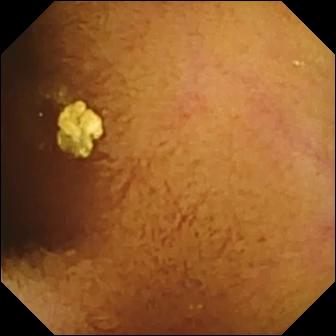{"modality": "wireless capsule endoscopy", "segment": "small bowel", "finding": "normal clean mucosa"}